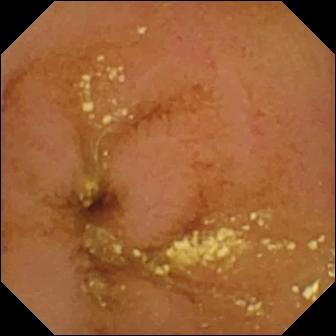This wireless capsule endoscopy image of the small intestine shows normal clean mucosa.